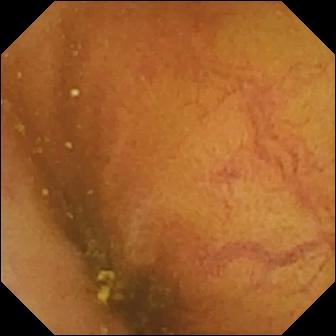Ileo-cecal valve region (where the capsule passes from the small bowel into the large bowel) — VCE still.